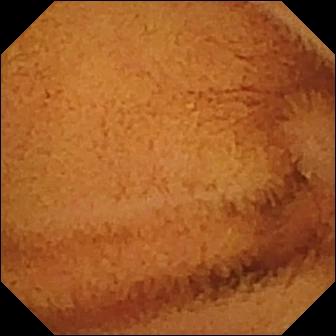Video capsule endoscopy — normal clean mucosa.